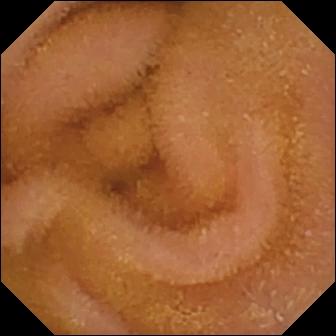PROCEDURE: VCE.
FINDINGS: Normal clean mucosa.